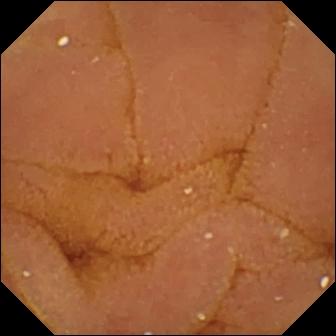Normal clean mucosa — video capsule endoscopy frame of the small bowel.